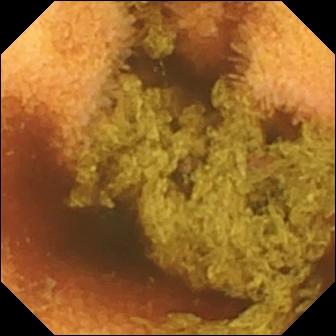WCE still showing normal clean mucosa.